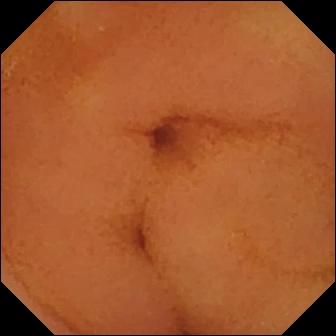Normal clean mucosa.